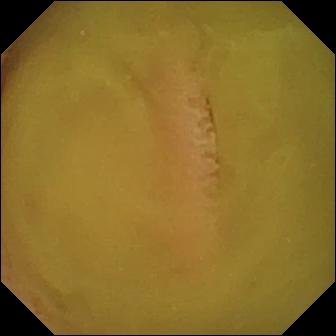{"modality": "video capsule endoscopy", "segment": "small intestine", "category": "luminal finding", "finding": "normal clean mucosa"}